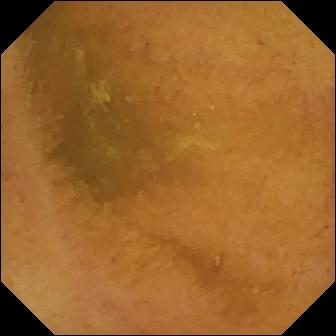Video capsule endoscopy snapshot showing normal clean mucosa.